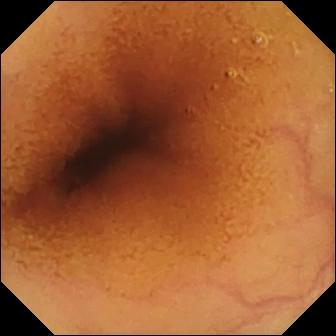Capsule endoscopy frame showing normal clean mucosa.